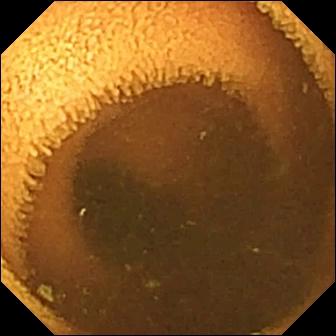Capsule endoscopy — normal clean mucosa.